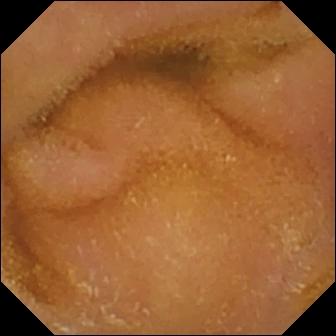Q: What does this small-bowel capsule endoscopy frame show?
A: Normal clean mucosa.